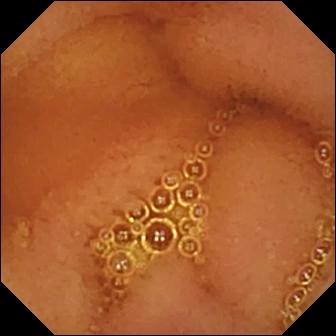{"modality": "VCE", "category": "luminal finding", "finding": "normal clean mucosa"}